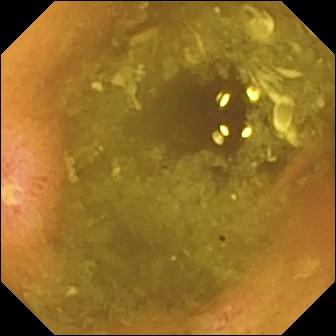Ulcer — wireless capsule endoscopy still.